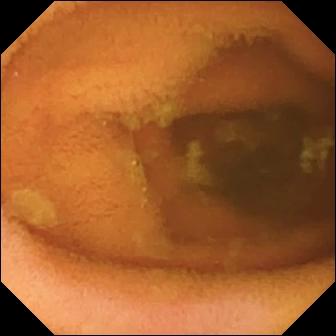modality: wireless capsule endoscopy; label: normal clean mucosa